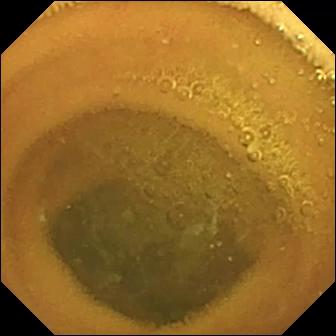VCE. Small intestine. Finding: normal clean mucosa.